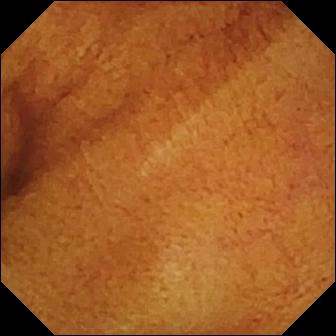Wireless capsule endoscopy still of the small intestine showing normal clean mucosa.